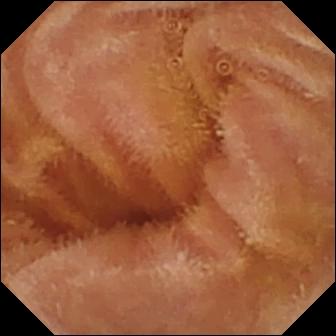PROCEDURE: Capsule endoscopy.
FINDINGS: Normal clean mucosa.